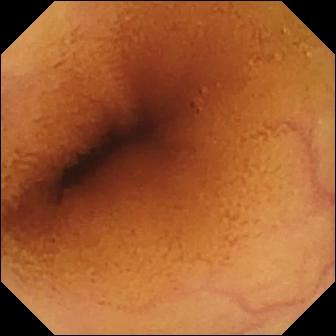Wireless capsule endoscopy still, small intestine
Impression: normal clean mucosa